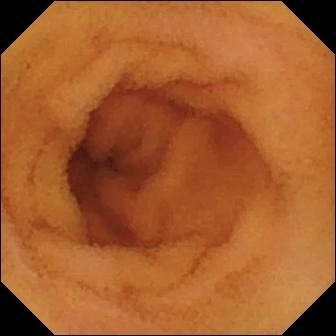Video capsule endoscopy image (small bowel). Normal clean mucosa.